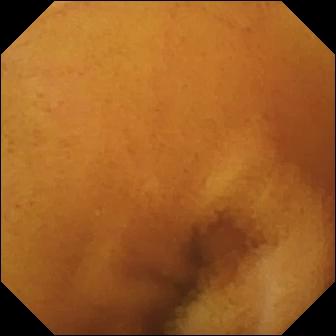Small-bowel capsule endoscopy snapshot showing normal clean mucosa.